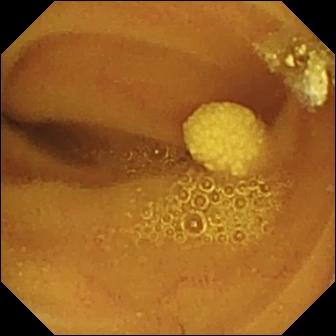Lymphangiectasia — wireless capsule endoscopy image.